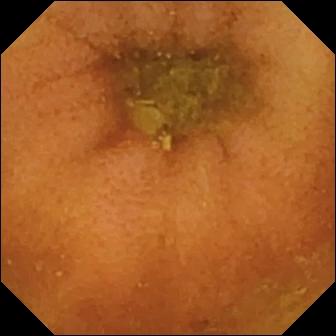Normal clean mucosa.